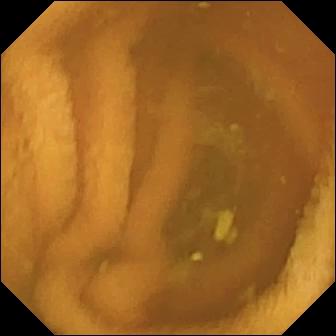Wireless capsule endoscopy image of the small intestine showing normal clean mucosa.